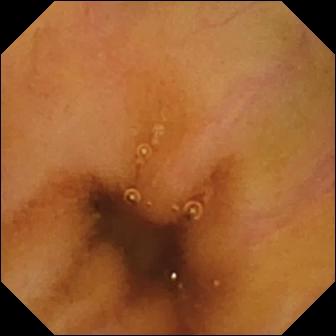Normal clean mucosa.